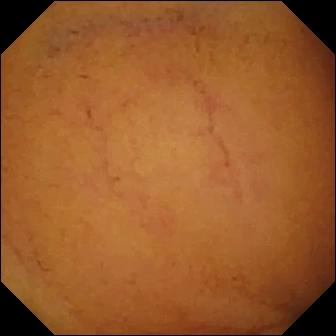{"modality": "WCE", "finding": "normal clean mucosa"}